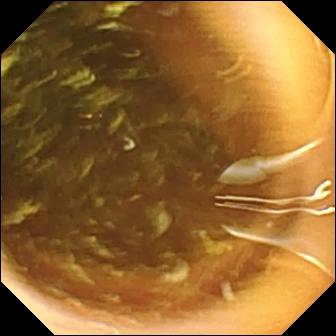Wireless capsule endoscopy. Small intestine. Finding: normal clean mucosa.